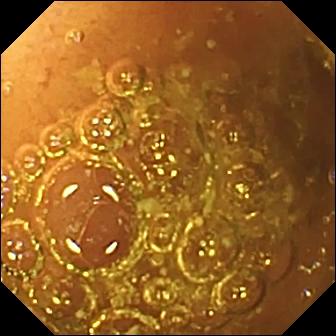- modality: small-bowel capsule endoscopy
- segment: small bowel
- finding: normal clean mucosa